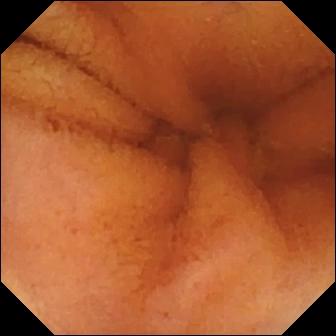This video capsule endoscopy snapshot of the small intestine shows normal clean mucosa.